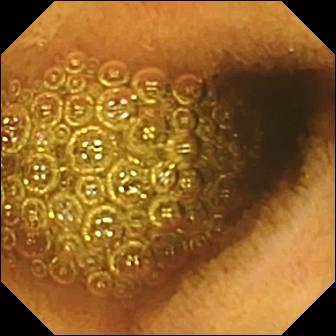Small-bowel capsule endoscopy — reduced mucosal view (content or bubbles obscuring the mucosa).